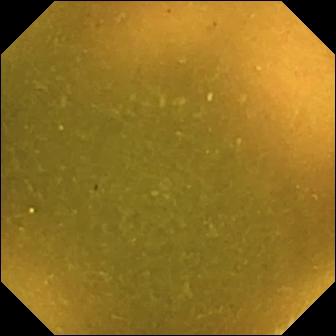Wireless capsule endoscopy. Position: ileo-cecal valve region.